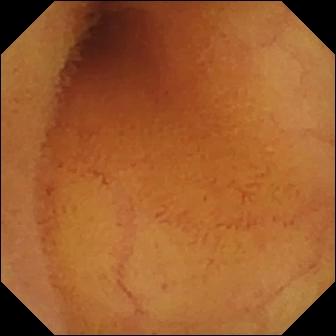Video capsule endoscopy view. Normal clean mucosa.